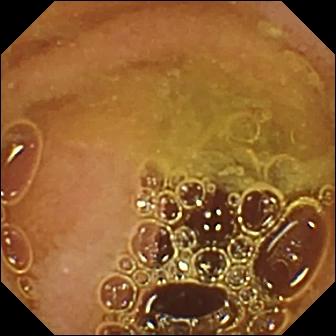Q: What does this video capsule endoscopy image show?
A: Normal clean mucosa.